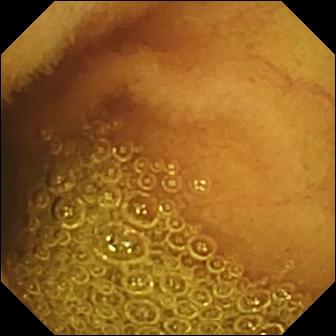Capsule endoscopy — normal clean mucosa.